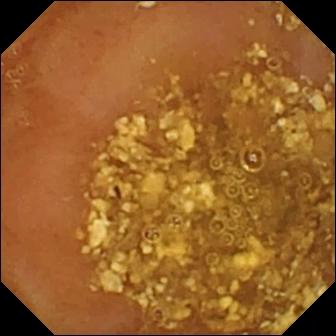{"modality": "wireless capsule endoscopy", "segment": "small intestine", "finding": "reduced mucosal view (content or bubbles obscuring the mucosa)"}